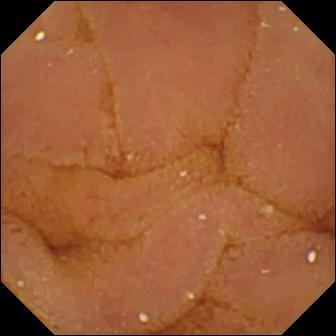This VCE snapshot shows normal clean mucosa.